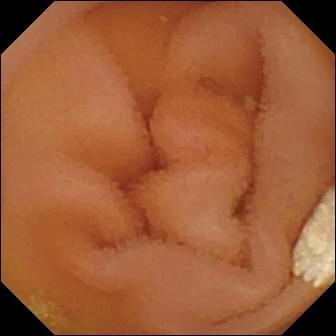WCE. Impression: lymphangiectasia.